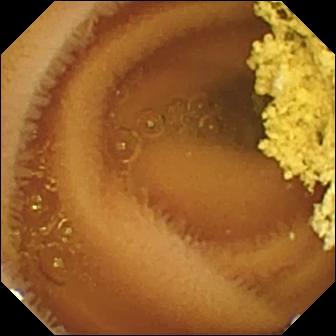Q: What does this wireless capsule endoscopy image of the small bowel show?
A: Normal clean mucosa.